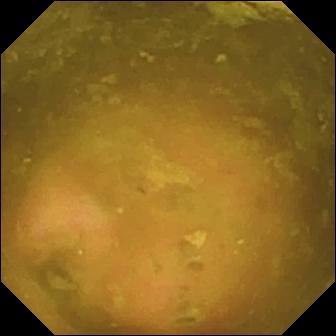Video capsule endoscopy image
Video segment: ileo-cecal valve region (the transition from the small bowel to the large bowel)